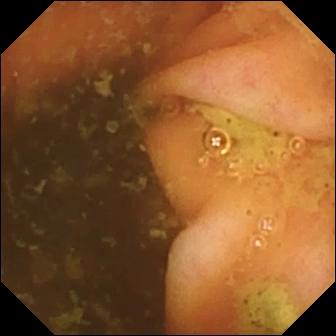Ileo-cecal valve region (the transition from the small bowel to the large bowel).